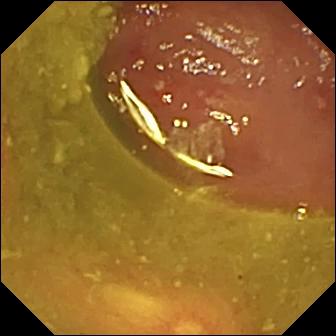{"modality": "wireless capsule endoscopy", "finding": "ulcer"}